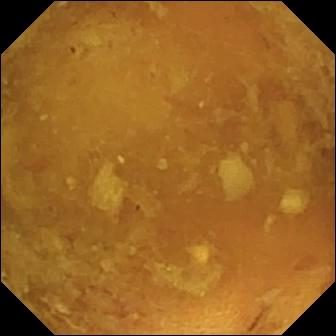This wireless capsule endoscopy frame of the small bowel shows reduced mucosal view (content or bubbles obscuring the mucosa).